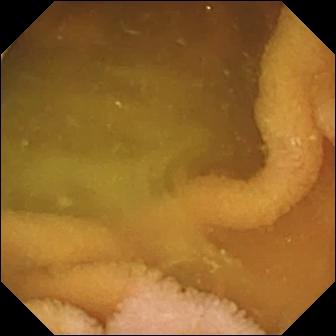Normal clean mucosa (336×336).